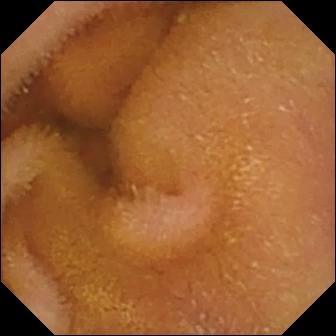{"modality": "small-bowel capsule endoscopy", "finding": "normal clean mucosa"}